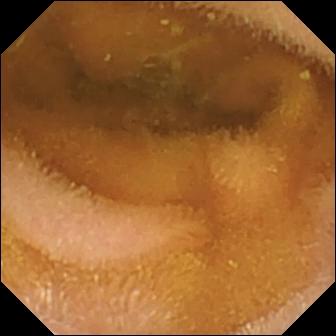VCE frame
Label: normal clean mucosa